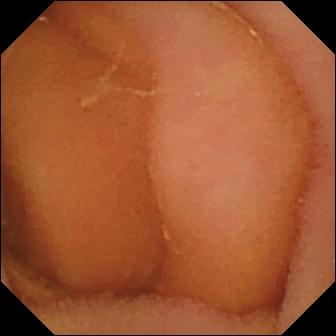This video capsule endoscopy still shows normal clean mucosa.